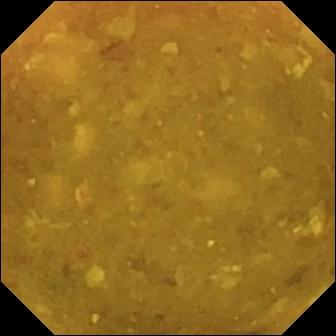Capsule endoscopy view
Impression: reduced mucosal view (content or bubbles obscuring the mucosa)